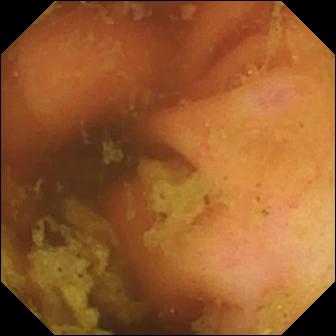This video capsule endoscopy still was taken in the ileo-cecal valve region (where the capsule passes from the small bowel into the large bowel).